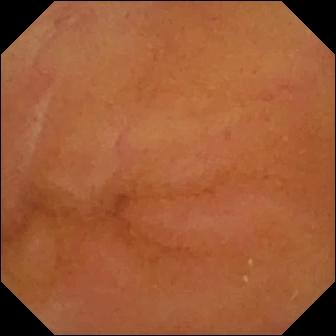- modality: WCE
- segment: small bowel
- observation: normal clean mucosa